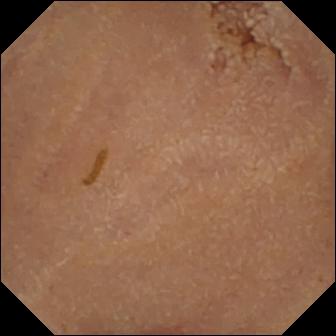Small-bowel capsule endoscopy. Finding: normal clean mucosa.